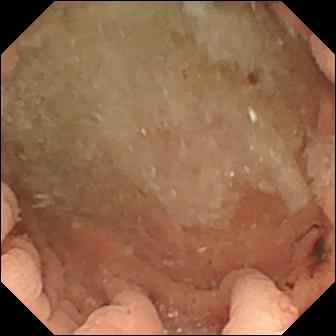WCE image showing angiectasia.